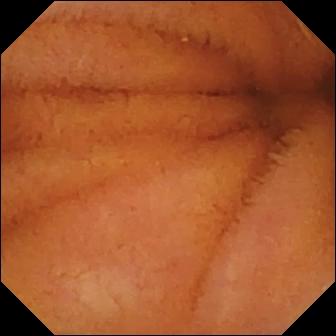modality: wireless capsule endoscopy
segment: small intestine
finding: normal clean mucosa